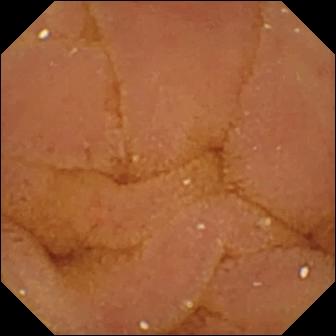- modality: WCE
- category: luminal finding
- impression: normal clean mucosa